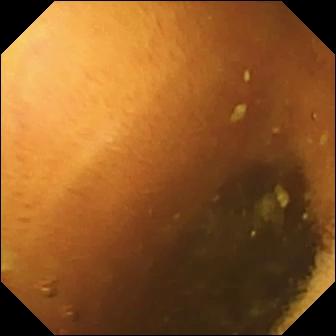Wireless capsule endoscopy still showing normal clean mucosa.